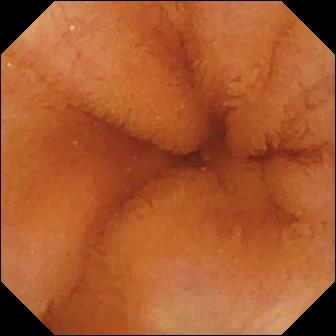Normal clean mucosa.